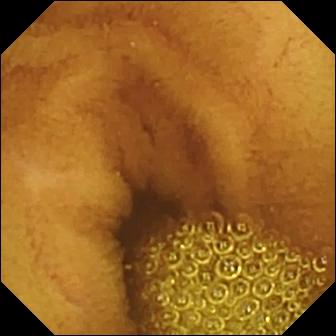Capsule endoscopy still of the small bowel showing normal clean mucosa.